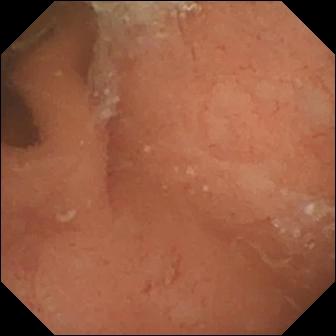Normal clean mucosa — WCE frame of the small intestine.